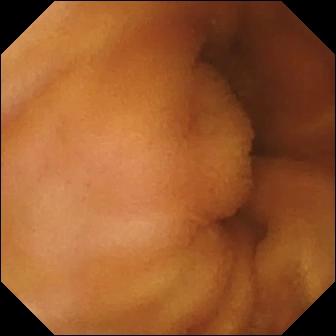Normal clean mucosa.